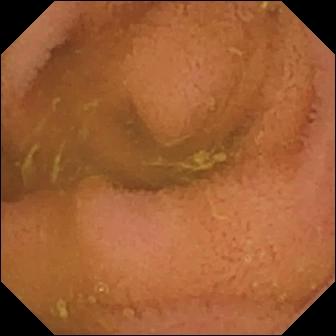modality: small-bowel capsule endoscopy
segment: small bowel
impression: normal clean mucosa